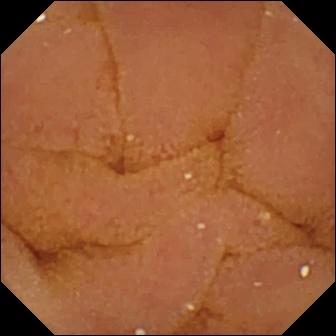Small-bowel capsule endoscopy. Small bowel. Observation: normal clean mucosa.